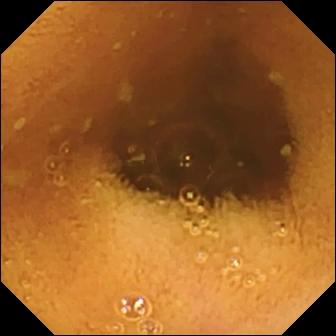- modality: capsule endoscopy
- segment: small intestine
- observation: normal clean mucosa